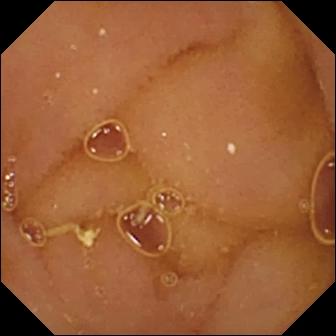- modality: WCE
- finding: normal clean mucosa